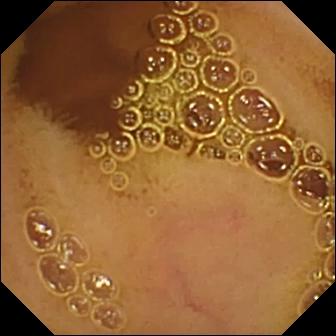Normal clean mucosa — VCE still.